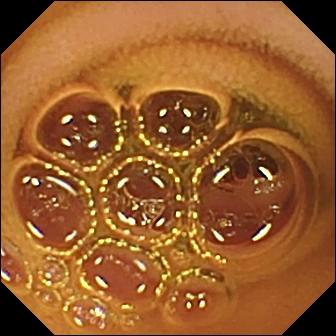Video capsule endoscopy snapshot of the small bowel showing normal clean mucosa.